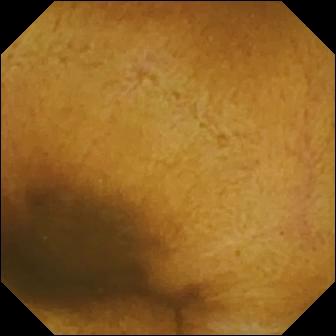Normal clean mucosa — capsule endoscopy view of the small bowel.